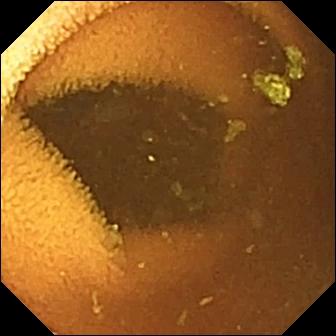Capsule endoscopy. Luminal finding. Observation: normal clean mucosa.